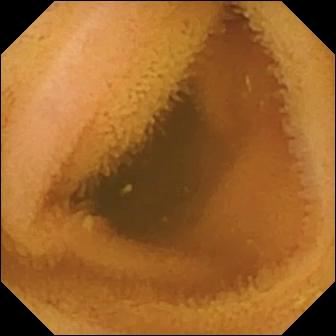VCE. Small intestine. Luminal finding. Impression: normal clean mucosa.